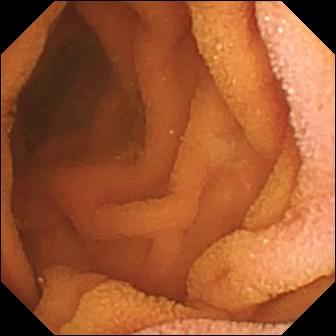VCE — normal clean mucosa.